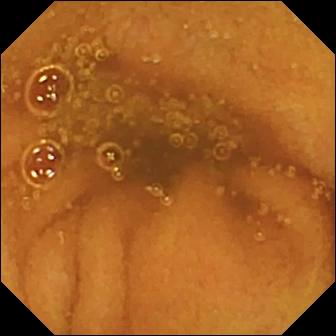Wireless capsule endoscopy. Label: normal clean mucosa.